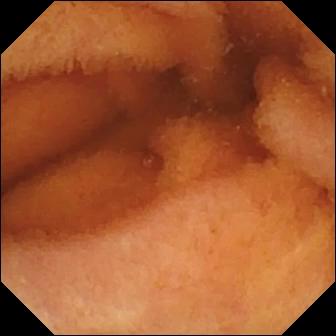Capsule endoscopy — normal clean mucosa.